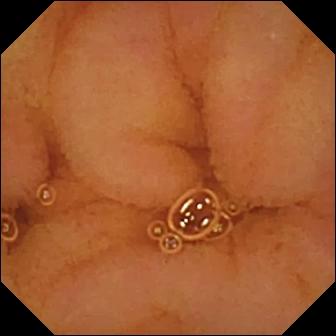VCE. Small bowel. Label: normal clean mucosa.